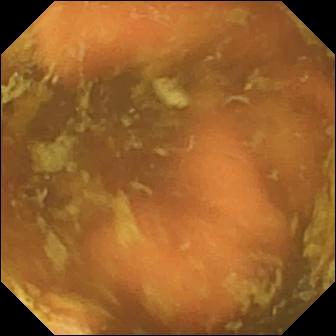- modality: video capsule endoscopy
- label: ileo-cecal valve region (where the capsule passes from the small bowel into the large bowel)